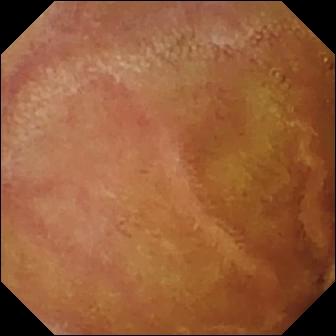{"modality": "capsule endoscopy", "segment": "small bowel", "finding": "normal clean mucosa"}